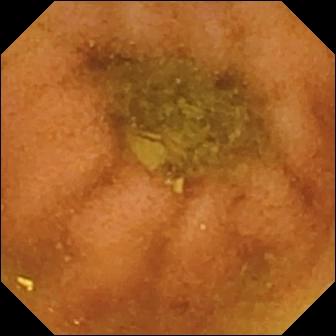Small-bowel capsule endoscopy frame of the small bowel showing normal clean mucosa.